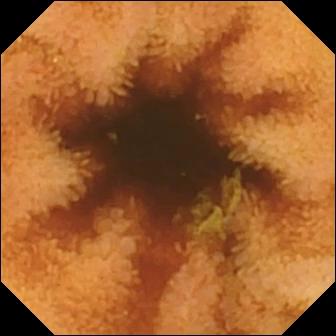Wireless capsule endoscopy image. Normal clean mucosa.